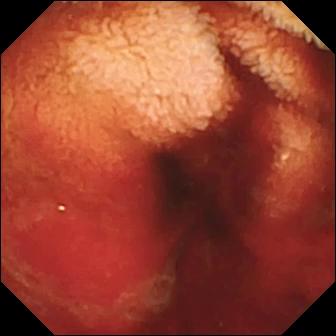modality: VCE
finding: fresh blood in the lumen